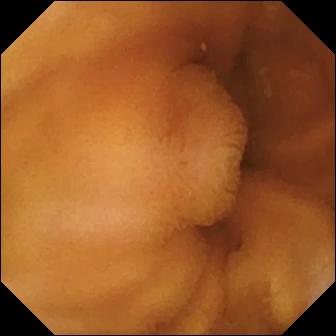Normal clean mucosa.